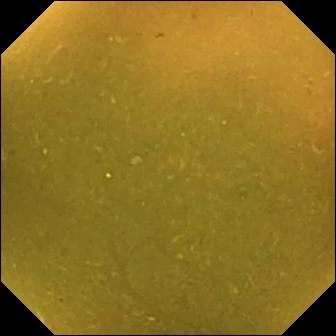Ileo-cecal valve region (where the capsule passes from the small bowel into the large bowel).